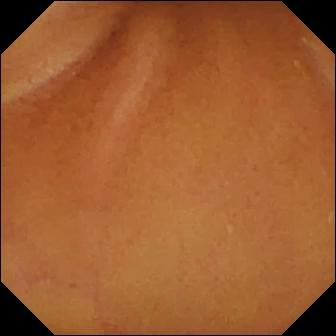VCE view. Normal clean mucosa.